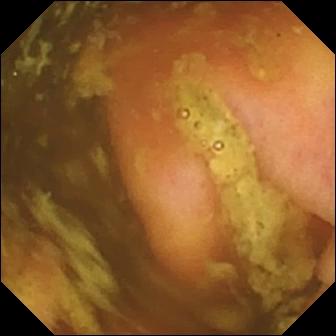Video capsule endoscopy view taken in the ileo-cecal valve region.